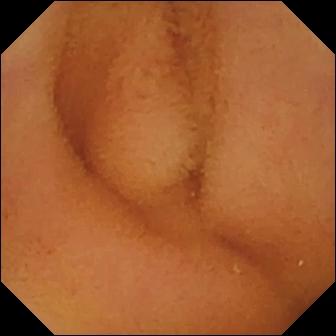{"modality": "VCE", "finding": "normal clean mucosa"}